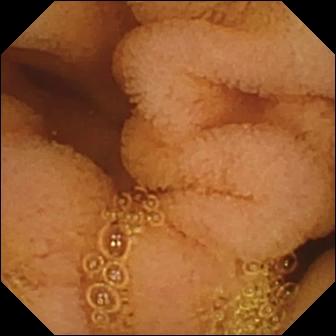- modality: VCE
- segment: small intestine
- category: luminal finding
- finding: normal clean mucosa